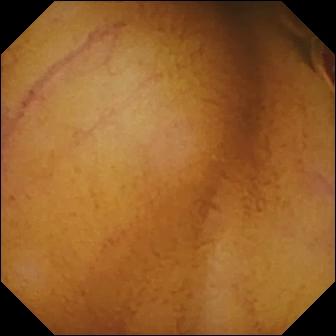This small-bowel capsule endoscopy view of the small intestine shows normal clean mucosa.